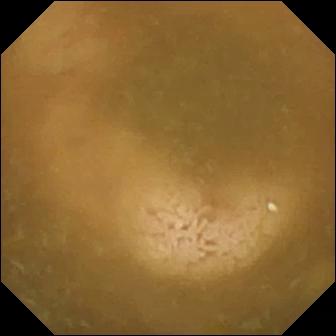Ileo-cecal valve region (where the capsule passes from the small bowel into the large bowel).